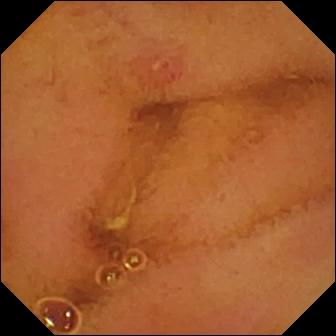This wireless capsule endoscopy image shows erosion.